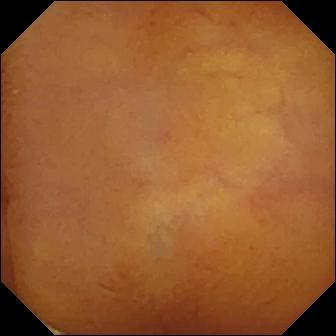VCE image, small intestine
Label: normal clean mucosa